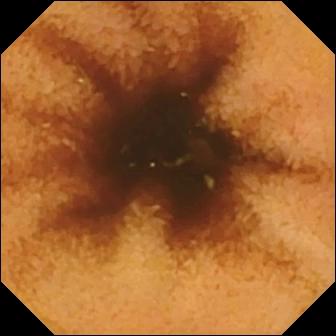Capsule endoscopy. Small intestine. Luminal finding. Finding: normal clean mucosa.